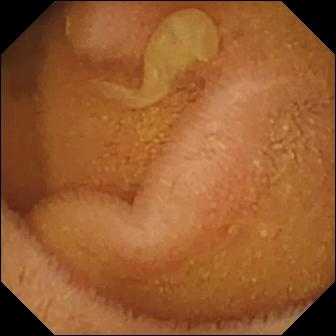PROCEDURE: Capsule endoscopy.
FINDINGS: Normal clean mucosa.